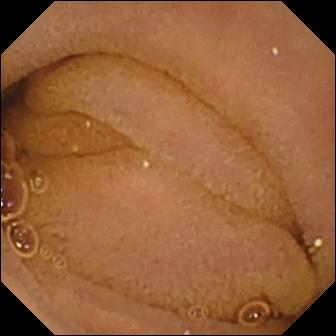VCE still of the small intestine showing normal clean mucosa.